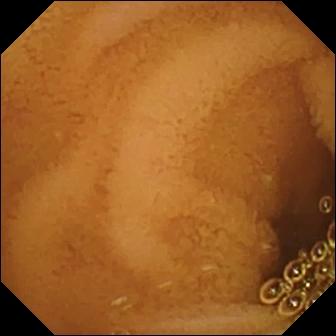modality: capsule endoscopy; impression: normal clean mucosa